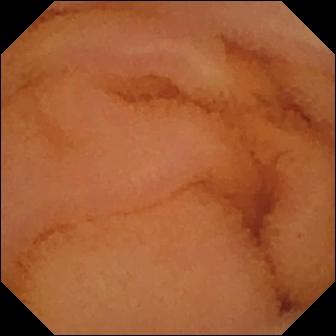Normal clean mucosa.